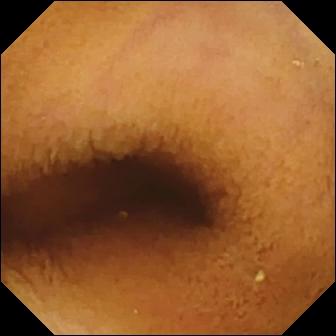Capsule endoscopy view showing normal clean mucosa.